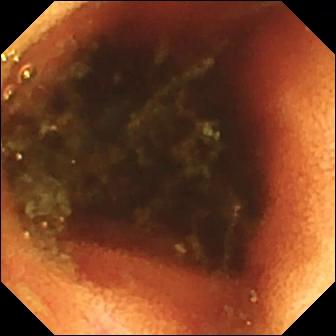Q: Where in the digestive tract was this wireless capsule endoscopy image taken?
A: Ileo-cecal valve region (the transition from the small bowel to the large bowel).